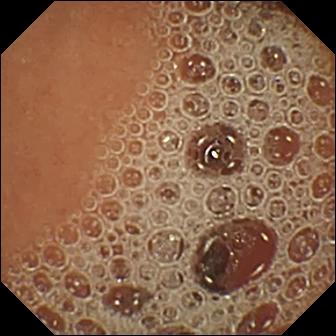Q: What does this VCE still show?
A: Normal clean mucosa.